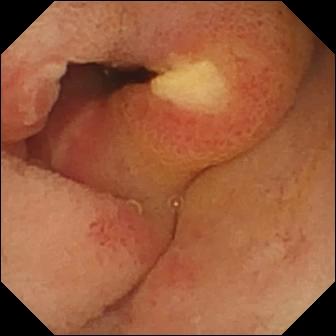Small-bowel capsule endoscopy — ulcer.